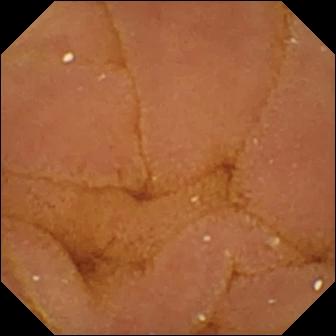{"modality": "capsule endoscopy", "category": "luminal finding", "finding": "normal clean mucosa"}